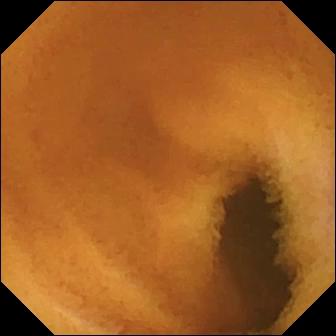WCE frame
Finding: normal clean mucosa